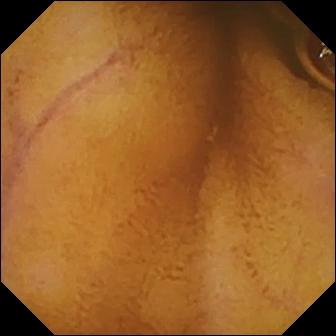This capsule endoscopy still shows normal clean mucosa.